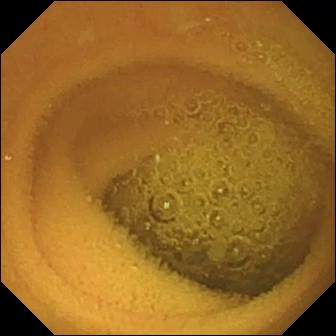WCE view. Normal clean mucosa.